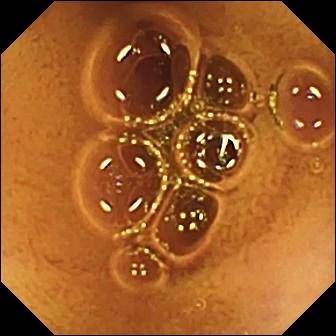VCE — normal clean mucosa.